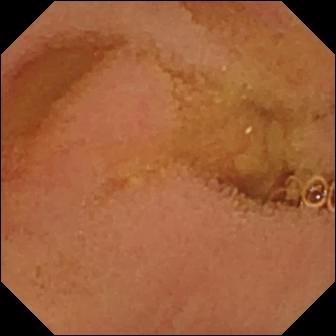PROCEDURE: Video capsule endoscopy.
FINDINGS: Normal clean mucosa.